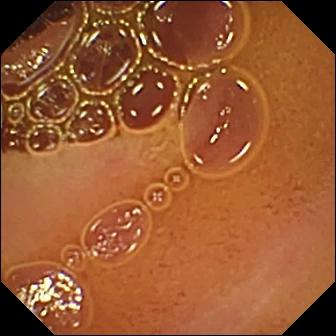Small-bowel capsule endoscopy frame, 336×336. Normal clean mucosa.